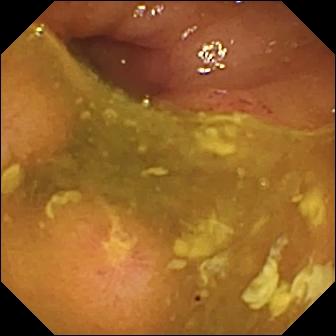Capsule endoscopy image showing ulcer.